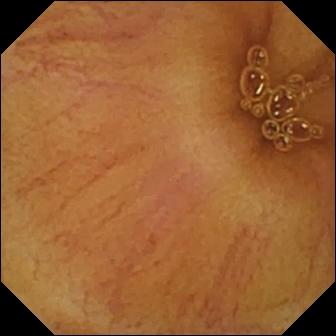Q: What does this WCE still show?
A: Normal clean mucosa.